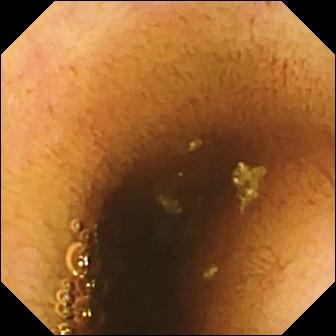Video capsule endoscopy still showing normal clean mucosa.